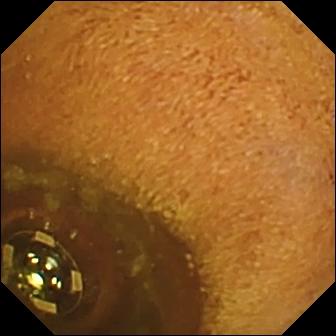- modality: small-bowel capsule endoscopy
- label: foreign body (e.g. retained capsule, tablet residue)